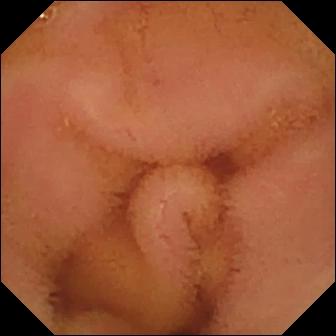modality: VCE
segment: small bowel
label: normal clean mucosa